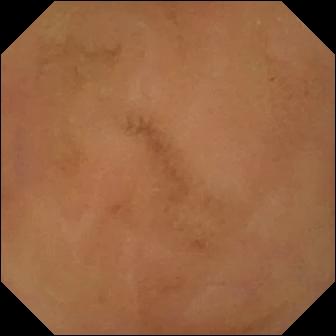modality: video capsule endoscopy
observation: normal clean mucosa